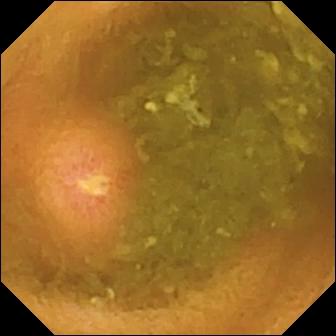Wireless capsule endoscopy still. Ulcer.